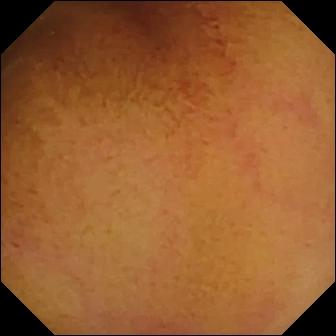WCE — normal clean mucosa.